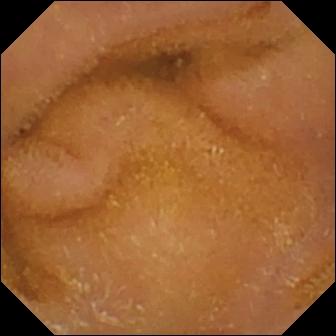Video capsule endoscopy — normal clean mucosa.